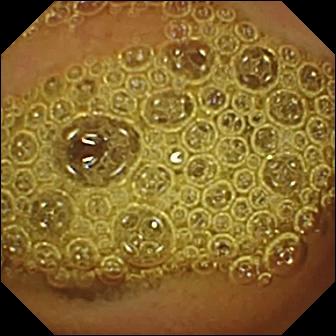- modality: capsule endoscopy
- segment: small intestine
- category: luminal finding
- observation: normal clean mucosa